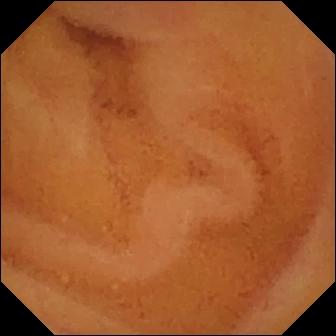modality: wireless capsule endoscopy | segment: small intestine | impression: normal clean mucosa